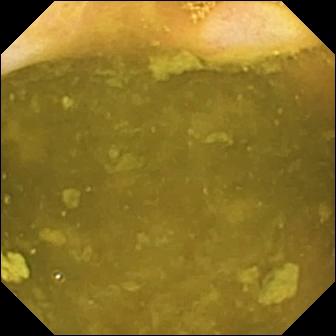{"modality": "VCE", "label": "ileo-cecal valve region"}